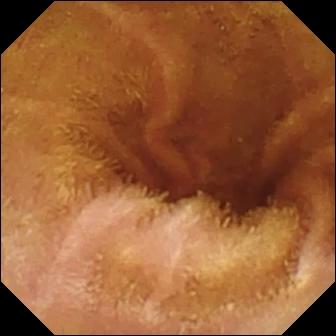This WCE still shows normal clean mucosa.